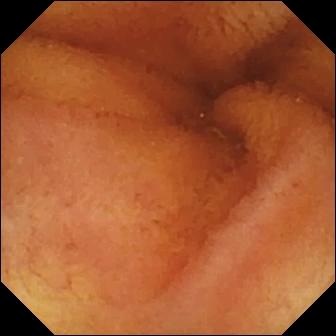WCE. Finding: normal clean mucosa.